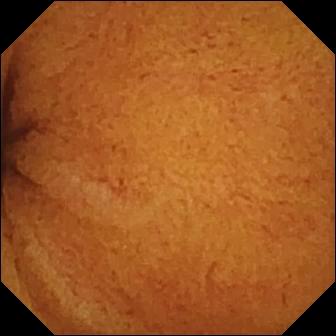VCE snapshot showing normal clean mucosa.